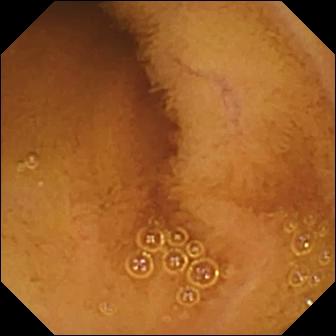- modality: video capsule endoscopy
- impression: normal clean mucosa